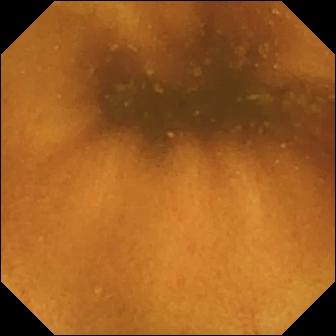Small-bowel capsule endoscopy image of the small intestine showing normal clean mucosa.